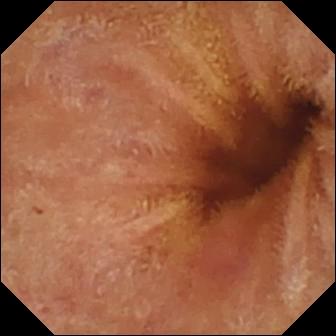VCE image. Normal clean mucosa.